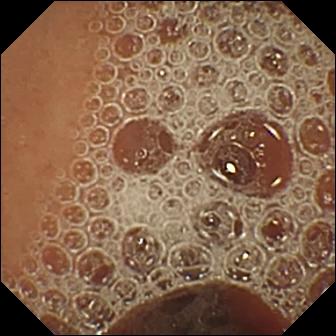PROCEDURE: Capsule endoscopy.
FINDINGS: Normal clean mucosa.